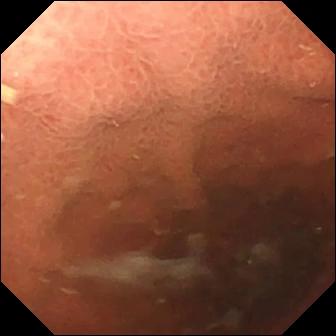VCE still taken in the pylorus region (where the capsule passes from the stomach into the small bowel).